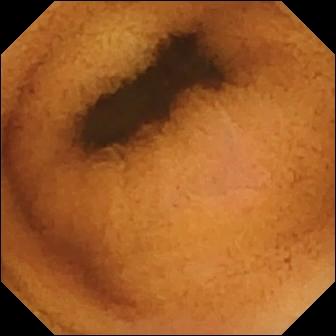- modality: WCE
- label: normal clean mucosa